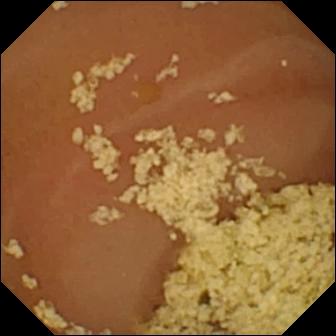modality: wireless capsule endoscopy
impression: normal clean mucosa